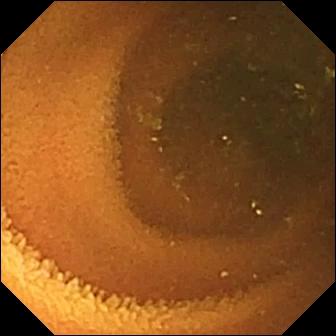Normal clean mucosa (336×336).